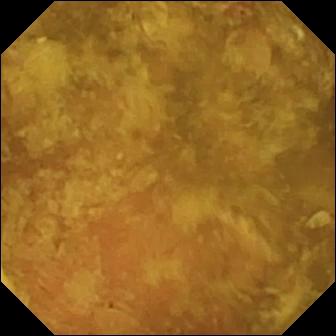Video capsule endoscopy. Small intestine. Label: reduced mucosal view (content or bubbles obscuring the mucosa).